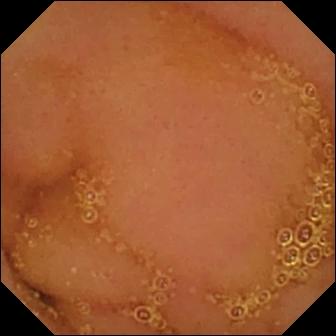This small-bowel capsule endoscopy image shows normal clean mucosa.